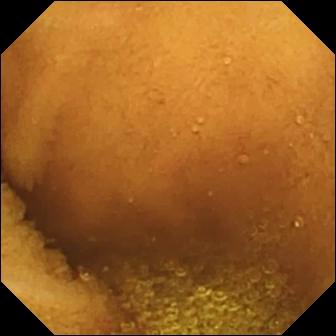VCE. Small intestine. Label: normal clean mucosa.